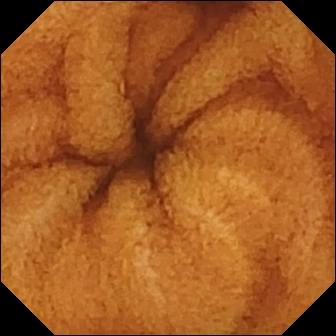modality: VCE; segment: small bowel; category: luminal finding; label: normal clean mucosa